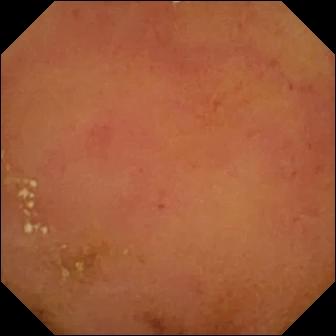Video capsule endoscopy view, small bowel
Impression: normal clean mucosa